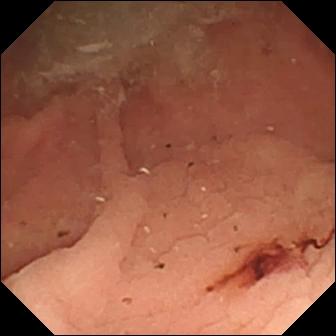- modality: small-bowel capsule endoscopy
- impression: fresh blood in the lumen